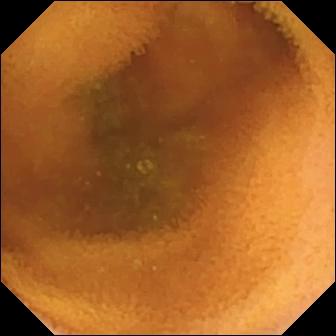WCE frame, small bowel
Impression: normal clean mucosa